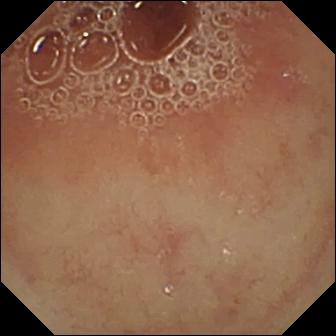{"modality": "VCE", "location": "pylorus region (the junction between the stomach and the small bowel)"}